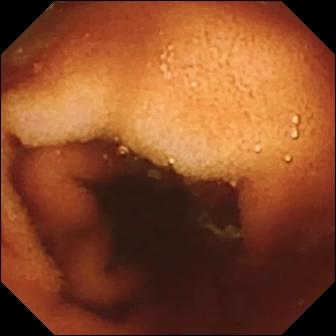Q: Where in the digestive tract was this capsule endoscopy snapshot taken?
A: Ileo-cecal valve region (where the capsule passes from the small bowel into the large bowel).